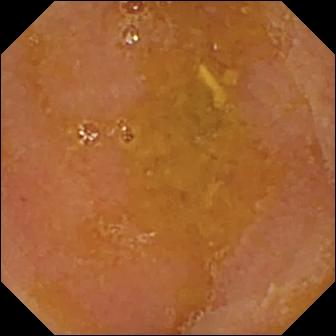WCE. Small bowel. Label: reduced mucosal view (content or bubbles obscuring the mucosa).